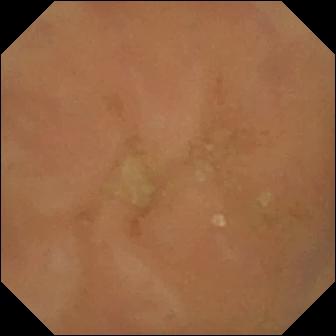Q: What does this small-bowel capsule endoscopy snapshot show?
A: Normal clean mucosa.